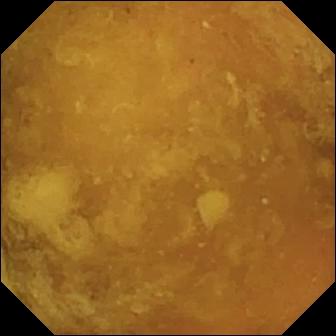- modality: video capsule endoscopy
- finding: reduced mucosal view (content or bubbles obscuring the mucosa)